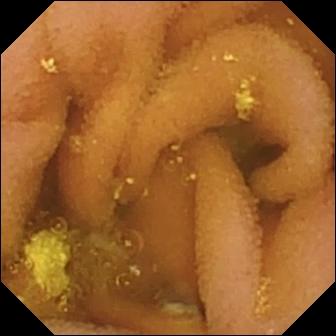- modality: WCE
- finding: lymphangiectasia